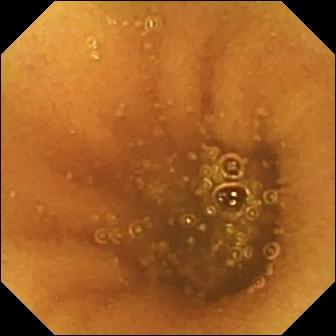This WCE image shows normal clean mucosa.